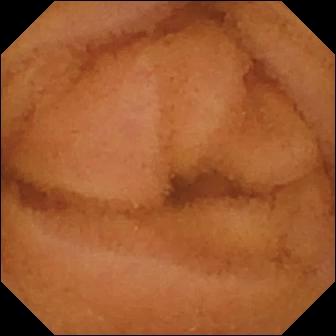Small-bowel capsule endoscopy still (small intestine). Normal clean mucosa.